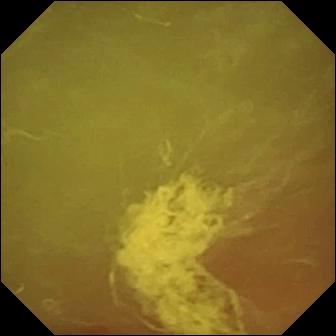{"modality": "WCE", "segment": "small intestine", "finding": "normal clean mucosa"}